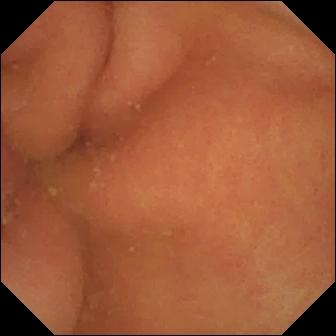Pylorus region (the junction between the stomach and the small bowel), 336×336.